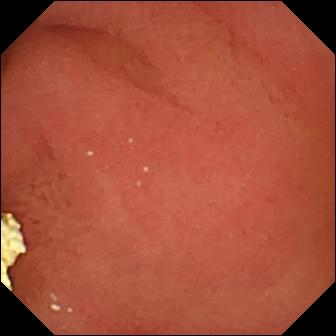Small-bowel capsule endoscopy. Near an anatomical landmark. Location: pylorus region.